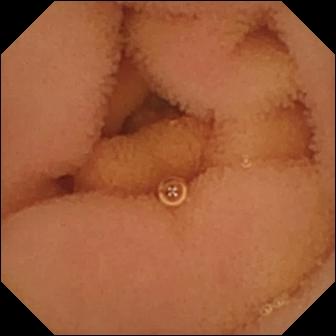Capsule endoscopy frame (small intestine). Normal clean mucosa.